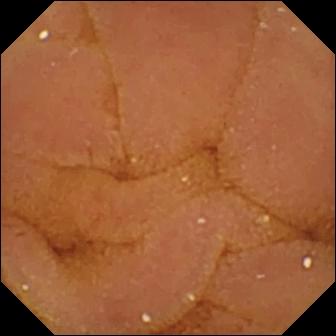Normal clean mucosa — VCE frame.